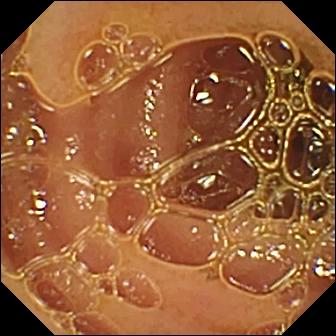Small-bowel capsule endoscopy frame showing normal clean mucosa.